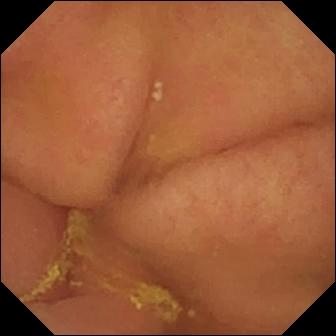This wireless capsule endoscopy still was taken in the pylorus region (the junction between the stomach and the small bowel).